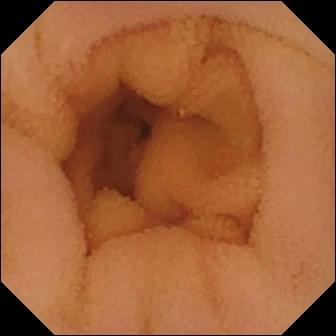Video capsule endoscopy. Luminal finding. Label: normal clean mucosa.